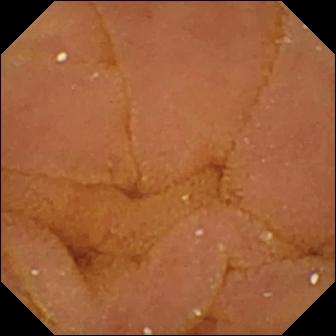Video capsule endoscopy snapshot, 336×336. Normal clean mucosa.